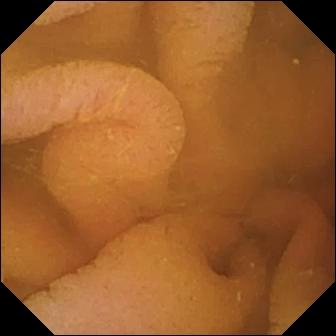Normal clean mucosa (336×336).